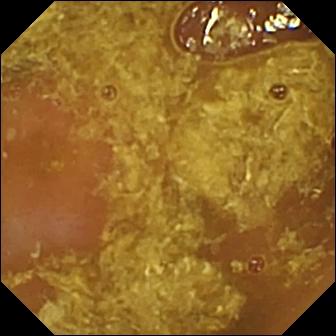- modality: wireless capsule endoscopy
- segment: small intestine
- category: luminal finding
- impression: reduced mucosal view (content or bubbles obscuring the mucosa)